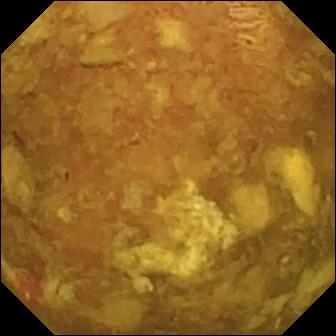Q: What does this VCE snapshot of the small bowel show?
A: Reduced mucosal view (content or bubbles obscuring the mucosa).